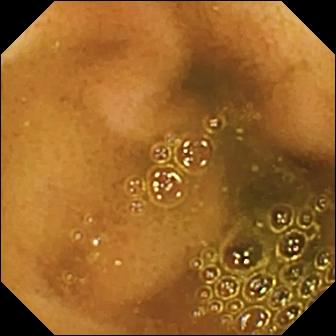Small-bowel capsule endoscopy snapshot taken in the ileo-cecal valve region (where the capsule passes from the small bowel into the large bowel).